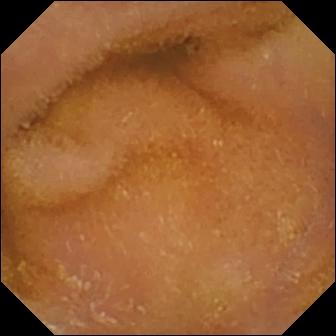{"modality": "VCE", "finding": "normal clean mucosa"}